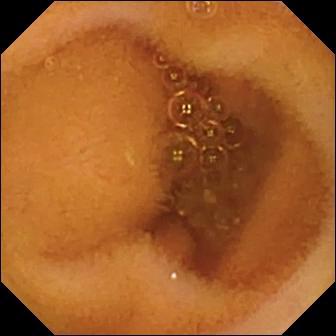- modality: capsule endoscopy
- observation: normal clean mucosa